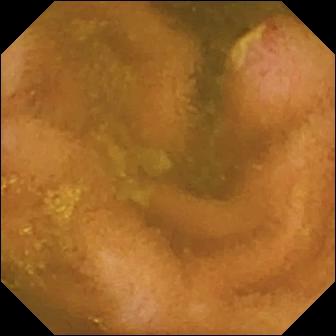{"modality": "VCE", "category": "luminal finding", "finding": "ulcer"}